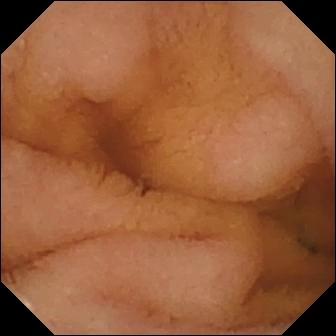PROCEDURE: VCE.
FINDINGS: Normal clean mucosa.